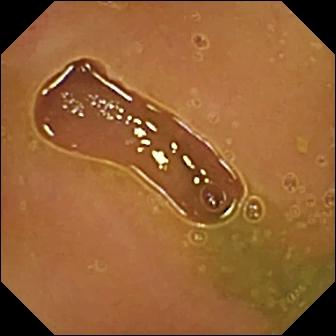PROCEDURE: VCE.
SEGMENT: Small intestine.
FINDINGS: Normal clean mucosa.